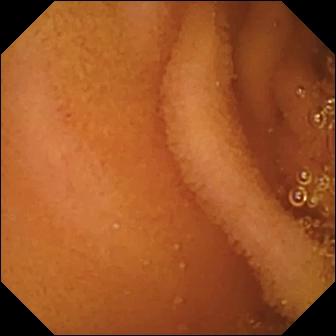Video capsule endoscopy still showing normal clean mucosa.